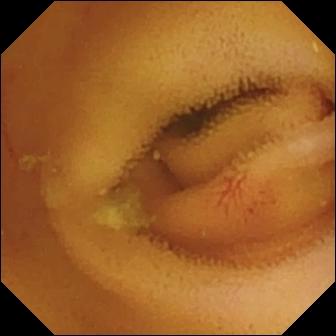Video capsule endoscopy — angiectasia.